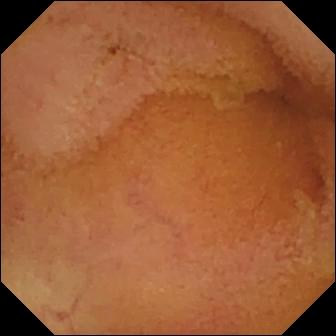Wireless capsule endoscopy frame. Normal clean mucosa.